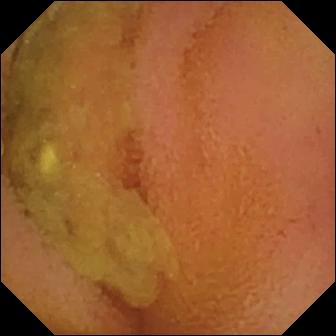Normal clean mucosa (336×336).